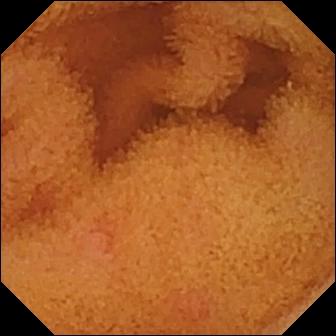PROCEDURE: Small-bowel capsule endoscopy.
FINDINGS: Normal clean mucosa.